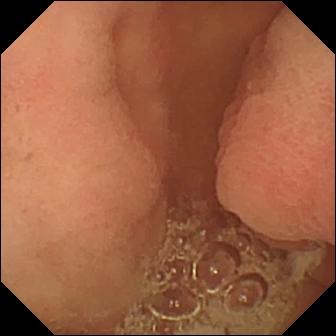Capsule endoscopy snapshot taken in the pylorus region.